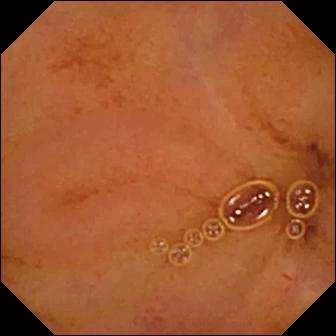Wireless capsule endoscopy. Label: normal clean mucosa.